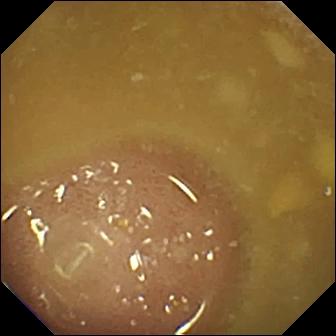Ileo-cecal valve region (the transition from the small bowel to the large bowel) — video capsule endoscopy snapshot.